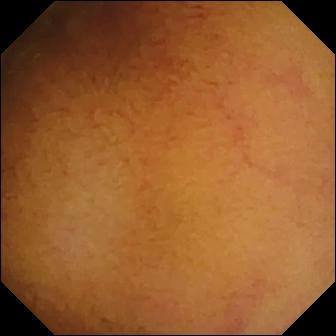This small-bowel capsule endoscopy view of the small bowel shows normal clean mucosa.